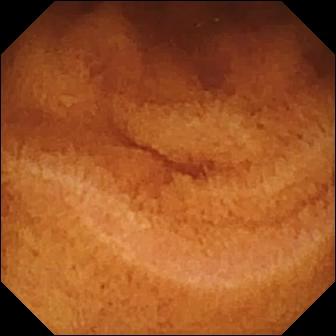Small-bowel capsule endoscopy snapshot
Observation: normal clean mucosa